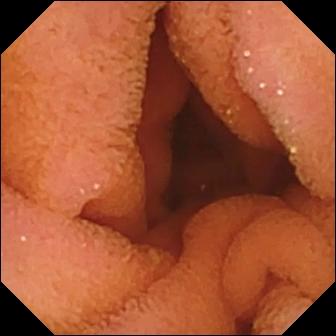PROCEDURE: WCE.
SEGMENT: Small intestine.
FINDINGS: Normal clean mucosa.